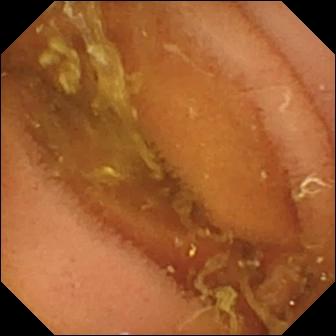Capsule endoscopy snapshot of the small intestine showing normal clean mucosa.